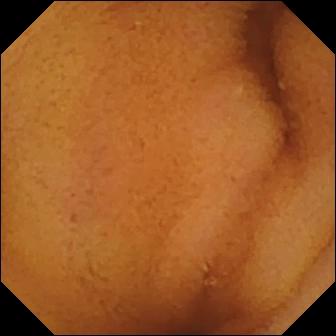VCE. Small intestine. Finding: normal clean mucosa.